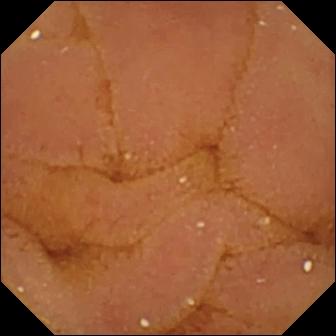Normal clean mucosa (336×336).